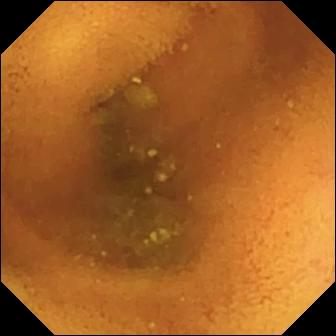Capsule endoscopy — normal clean mucosa.